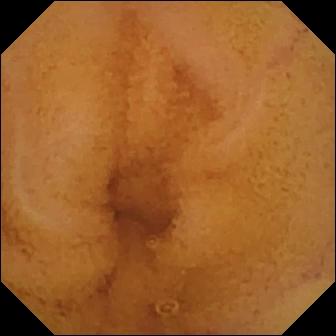Q: What does this capsule endoscopy snapshot show?
A: Normal clean mucosa.